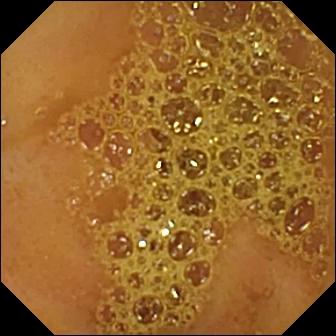Small-bowel capsule endoscopy. Near an anatomical landmark. Position: ileo-cecal valve region (where the capsule passes from the small bowel into the large bowel).